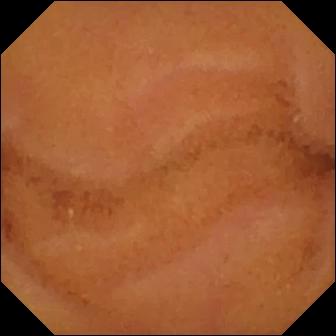Normal clean mucosa — capsule endoscopy view of the small bowel.